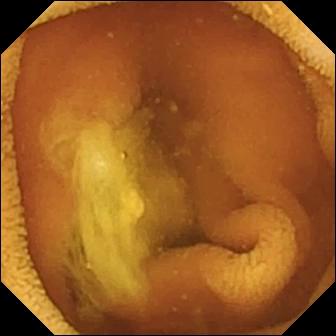Normal clean mucosa — video capsule endoscopy view.